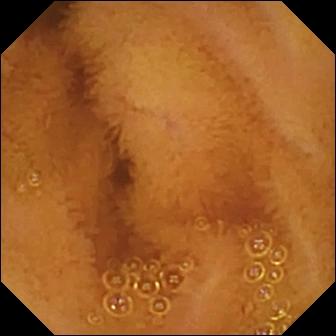PROCEDURE: Wireless capsule endoscopy.
SEGMENT: Small bowel.
FINDINGS: Normal clean mucosa.